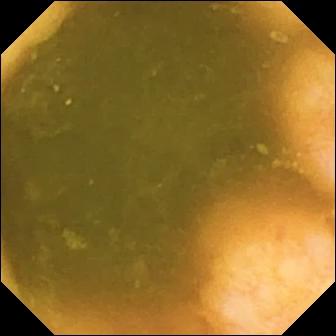Video capsule endoscopy. Near an anatomical landmark. Label: ileo-cecal valve region.